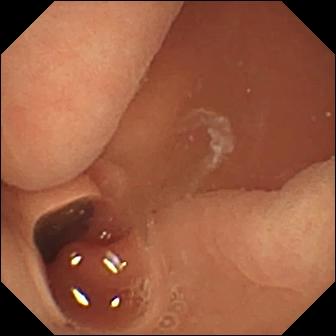WCE snapshot. Normal clean mucosa.